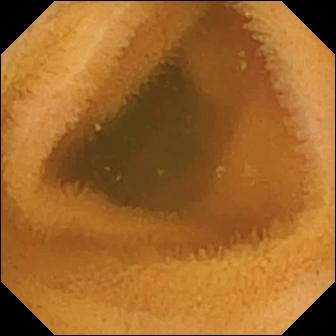Normal clean mucosa.